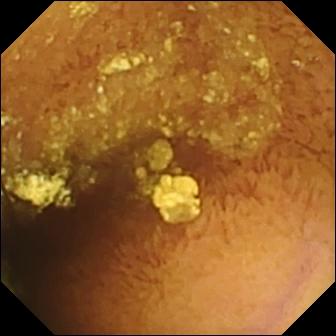Normal clean mucosa.